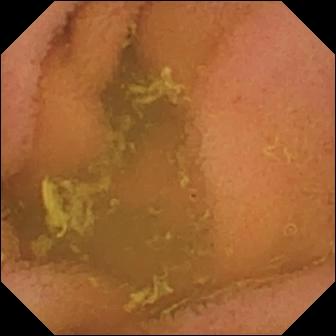Normal clean mucosa (336×336).